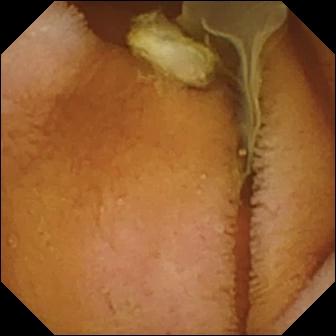This video capsule endoscopy still of the small bowel shows normal clean mucosa.